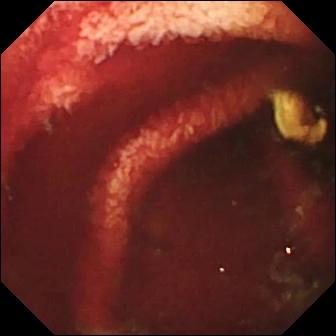Capsule endoscopy image showing fresh blood in the lumen.